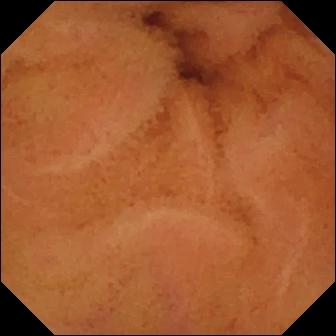Small-bowel capsule endoscopy view, 336×336. Normal clean mucosa.